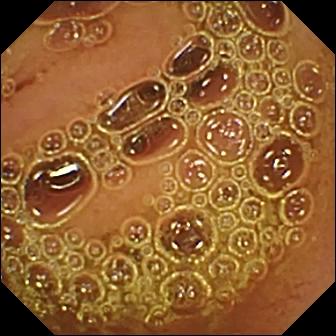{"modality": "wireless capsule endoscopy", "finding": "normal clean mucosa"}